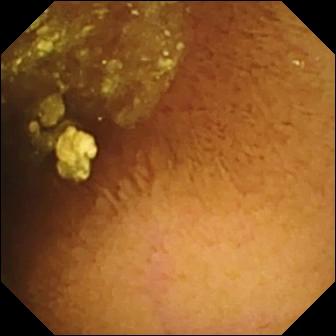- modality: wireless capsule endoscopy
- observation: normal clean mucosa